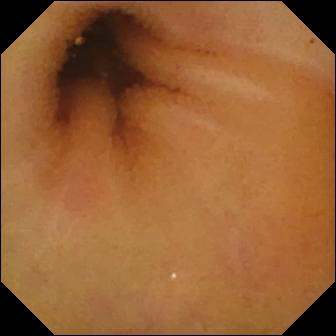Small-bowel capsule endoscopy frame, small bowel
Impression: normal clean mucosa